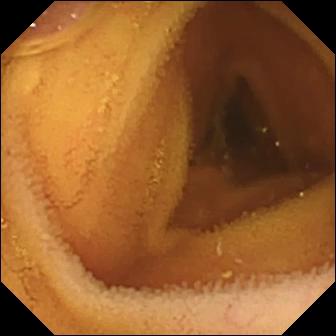Q: What does this capsule endoscopy still show?
A: Normal clean mucosa.